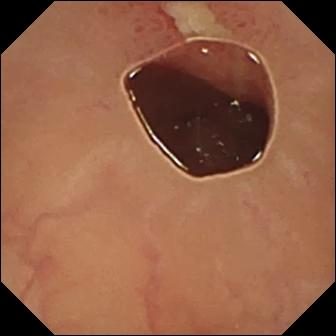Ulcer — wireless capsule endoscopy frame.